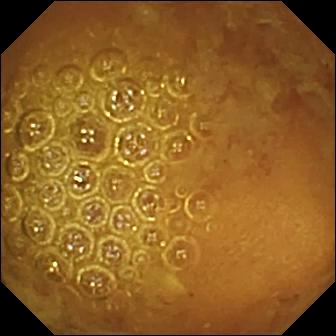Reduced mucosal view (content or bubbles obscuring the mucosa).